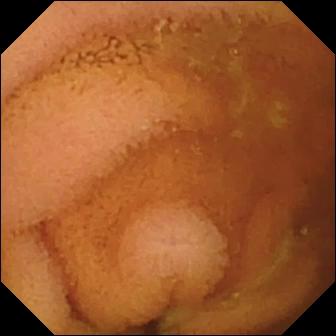VCE — normal clean mucosa.